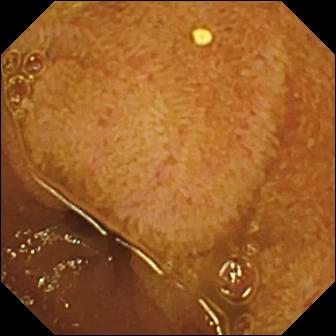WCE still. Taken in the ileo-cecal valve region.